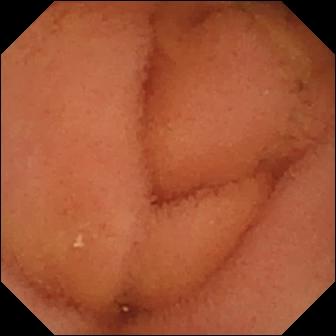Wireless capsule endoscopy view
Finding: normal clean mucosa